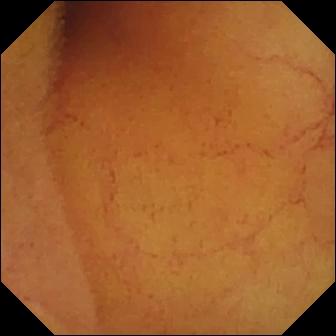Wireless capsule endoscopy snapshot (small intestine). Normal clean mucosa.